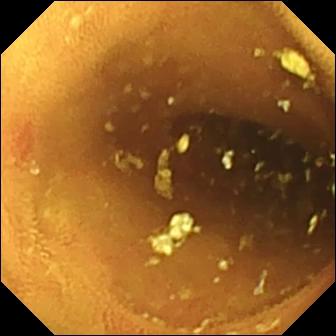Capsule endoscopy. Finding: erosion.